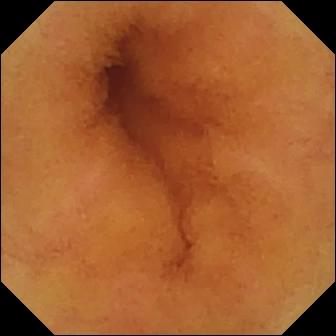Normal clean mucosa.